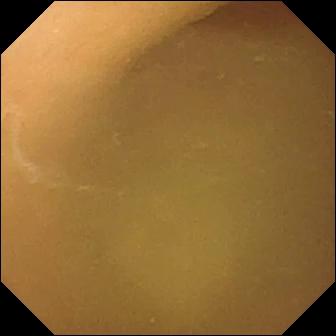WCE — pylorus region.